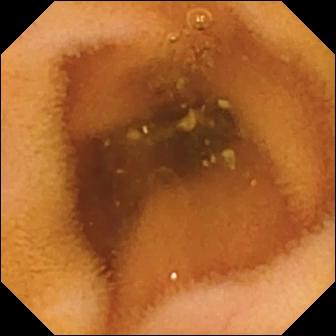- modality: VCE
- category: luminal finding
- observation: normal clean mucosa